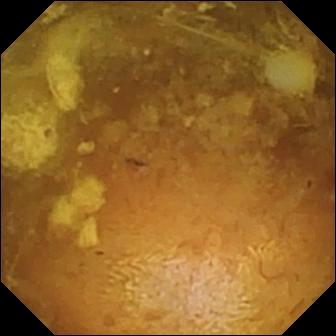WCE image (small bowel). Reduced mucosal view (content or bubbles obscuring the mucosa).